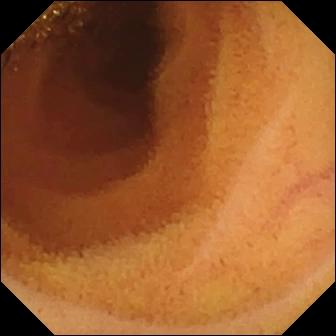This small-bowel capsule endoscopy view of the small intestine shows normal clean mucosa.